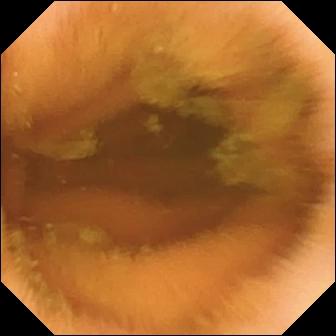- modality: capsule endoscopy
- observation: normal clean mucosa